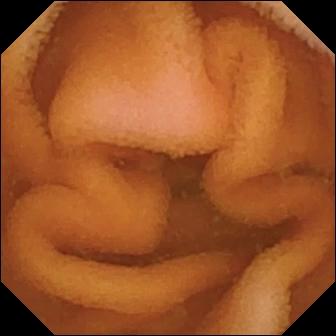PROCEDURE: Wireless capsule endoscopy.
FINDINGS: Normal clean mucosa.